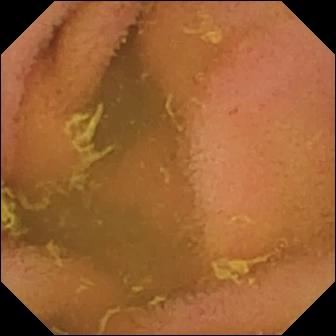VCE — normal clean mucosa.